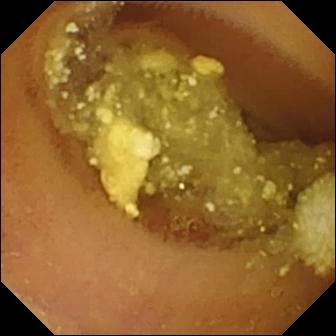Capsule endoscopy — lymphangiectasia.